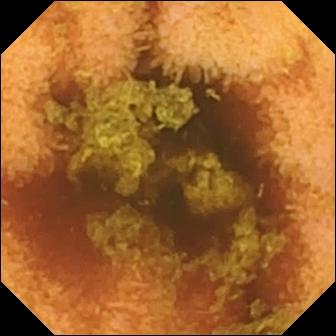Q: What does this small-bowel capsule endoscopy snapshot show?
A: Normal clean mucosa.